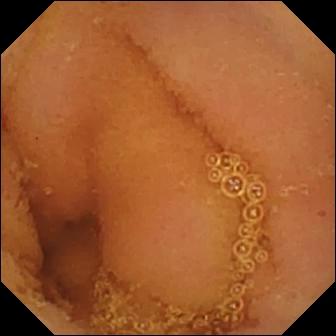Small-bowel capsule endoscopy image. Normal clean mucosa.